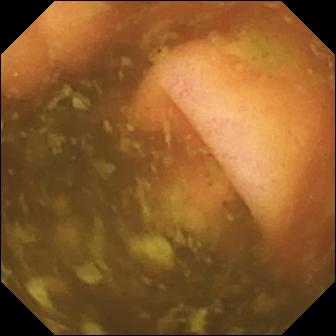This wireless capsule endoscopy view was taken in the ileo-cecal valve region (where the capsule passes from the small bowel into the large bowel).